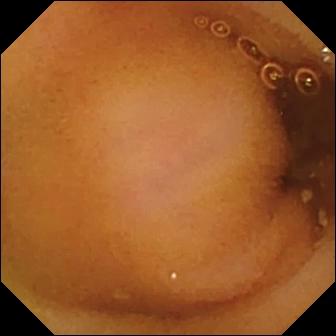modality: VCE
observation: normal clean mucosa